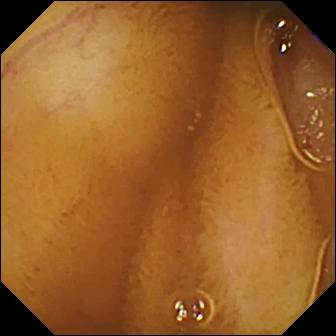- modality: VCE
- category: luminal finding
- label: normal clean mucosa